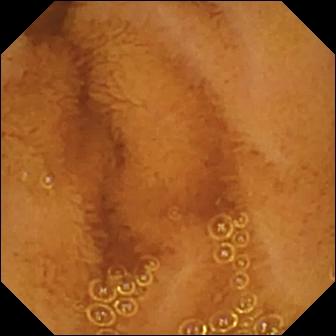Small-bowel capsule endoscopy frame. Normal clean mucosa.